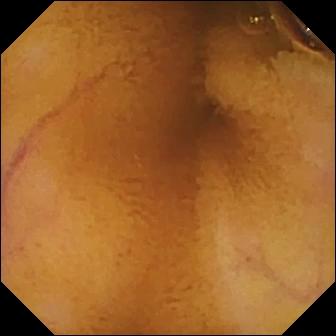- modality: small-bowel capsule endoscopy
- segment: small intestine
- category: luminal finding
- label: normal clean mucosa